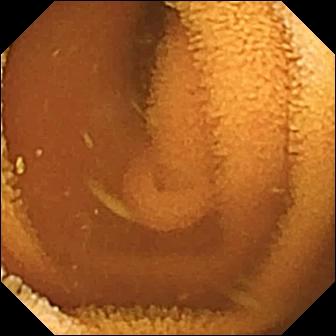- modality: VCE
- segment: small intestine
- finding: normal clean mucosa